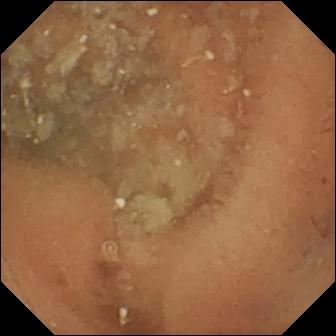Q: What does this video capsule endoscopy snapshot of the small bowel show?
A: Normal clean mucosa.